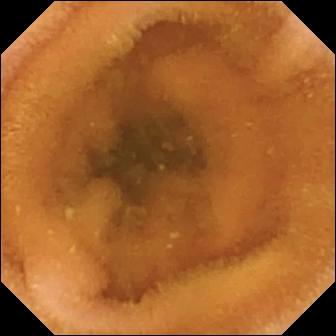modality: small-bowel capsule endoscopy
category: luminal finding
label: normal clean mucosa